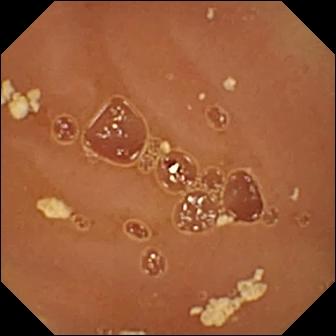modality: WCE; label: normal clean mucosa